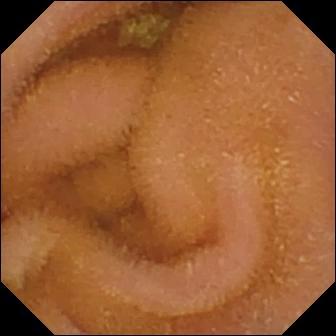Video capsule endoscopy still showing normal clean mucosa.